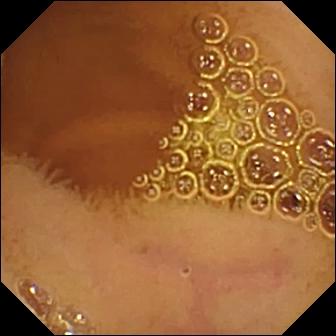Capsule endoscopy — normal clean mucosa.